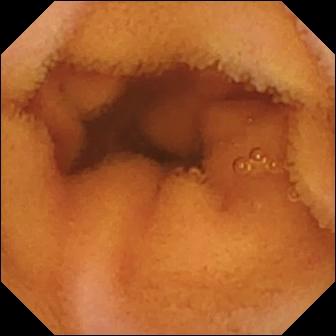Q: What does this small-bowel capsule endoscopy image of the small intestine show?
A: Normal clean mucosa.